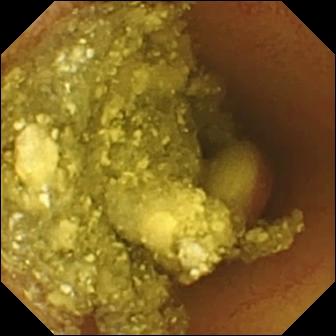Small-bowel capsule endoscopy snapshot. Foreign body (e.g. retained capsule, tablet residue).